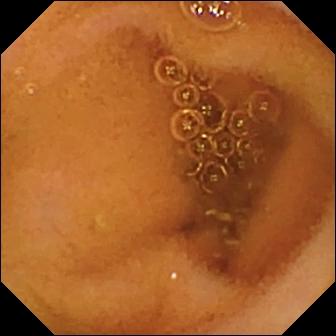modality: small-bowel capsule endoscopy | observation: normal clean mucosa